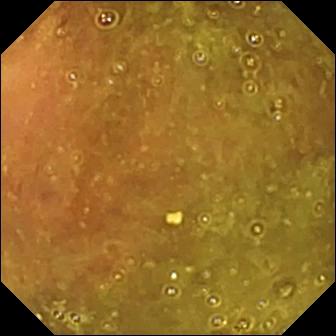VCE snapshot taken in the ileo-cecal valve region (the transition from the small bowel to the large bowel).